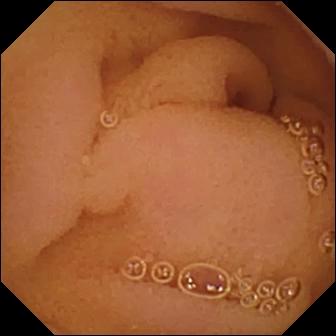{"modality": "video capsule endoscopy", "segment": "small intestine", "finding": "normal clean mucosa"}